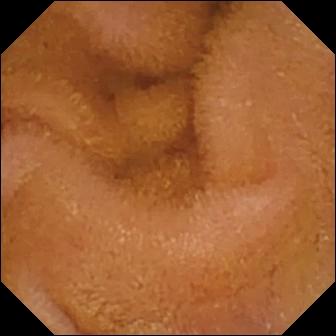modality: VCE; observation: normal clean mucosa